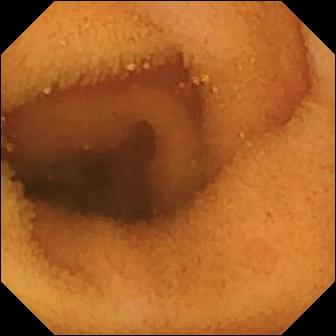PROCEDURE: Video capsule endoscopy.
FINDINGS: Normal clean mucosa.